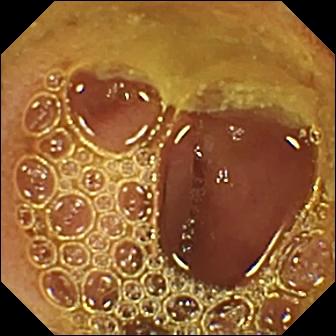Video capsule endoscopy snapshot showing normal clean mucosa.